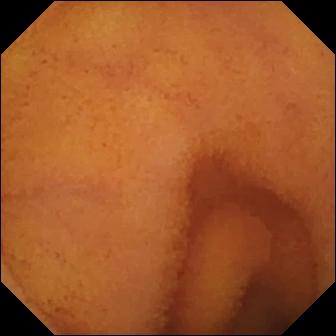{"modality": "WCE", "finding": "normal clean mucosa"}